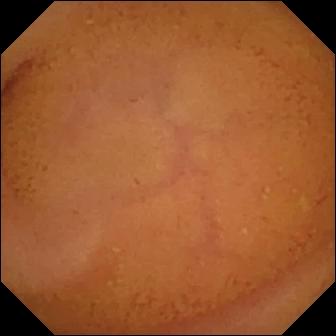- modality: VCE
- category: luminal finding
- label: normal clean mucosa